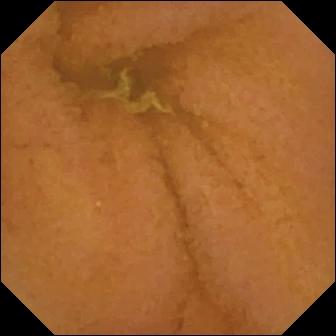- modality: capsule endoscopy
- impression: normal clean mucosa